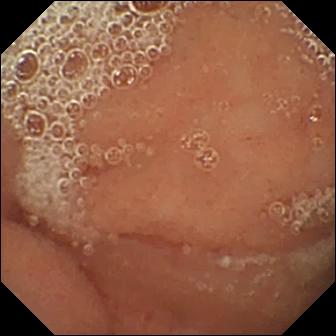This wireless capsule endoscopy still shows normal clean mucosa.